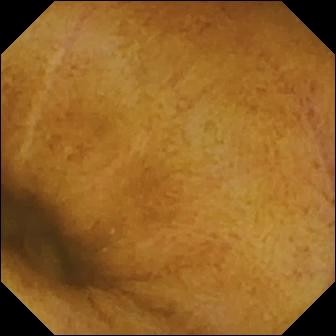VCE frame. Normal clean mucosa.